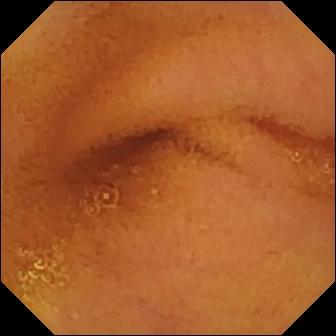- modality: video capsule endoscopy
- category: luminal finding
- finding: normal clean mucosa